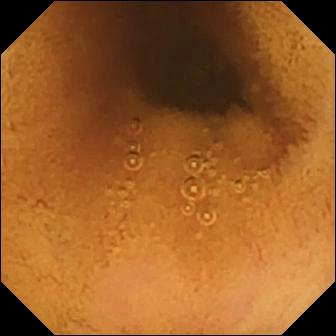PROCEDURE: Capsule endoscopy.
SEGMENT: Small bowel.
FINDINGS: Normal clean mucosa.